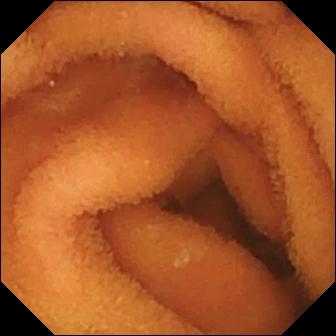Q: What does this small-bowel capsule endoscopy view show?
A: Normal clean mucosa.